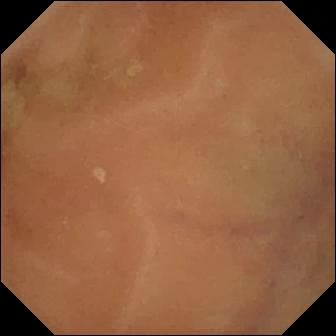Small-bowel capsule endoscopy. Small bowel. Finding: normal clean mucosa.